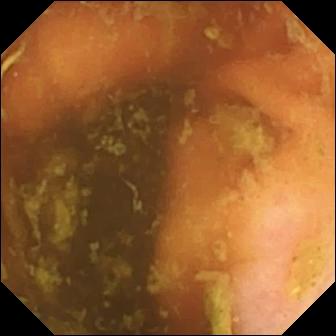Video capsule endoscopy view. Taken in the ileo-cecal valve region (where the capsule passes from the small bowel into the large bowel).